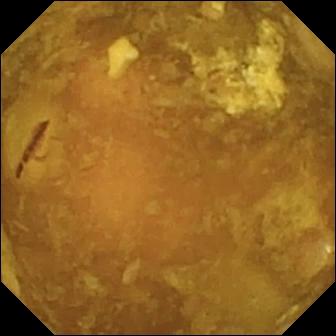This WCE image of the small bowel shows reduced mucosal view (content or bubbles obscuring the mucosa).